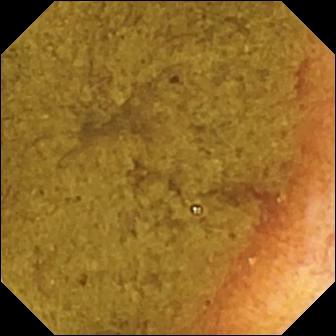Wireless capsule endoscopy. Near an anatomical landmark. Location: ileo-cecal valve region (the transition from the small bowel to the large bowel).